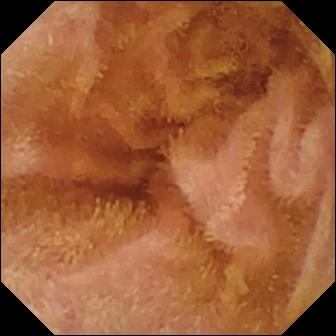Video capsule endoscopy still of the small intestine showing normal clean mucosa.